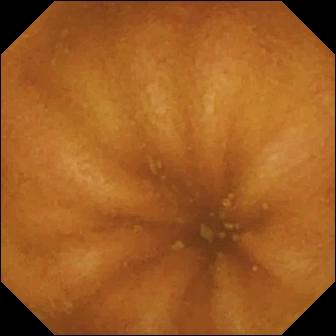Normal clean mucosa.